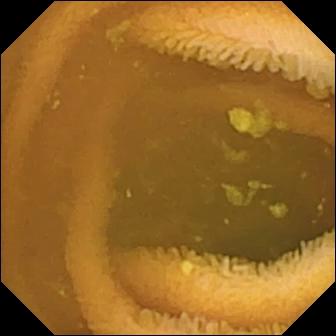- modality: VCE
- segment: small bowel
- category: luminal finding
- label: normal clean mucosa